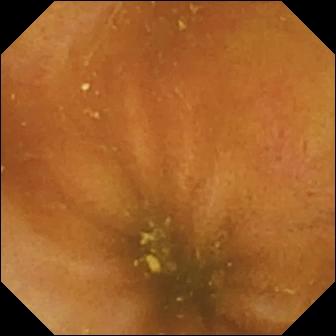Capsule endoscopy. Label: ileo-cecal valve region (where the capsule passes from the small bowel into the large bowel).